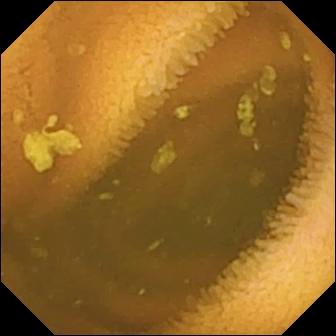Normal clean mucosa — VCE snapshot.